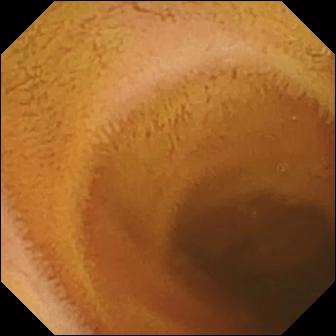Capsule endoscopy view, 336×336. Normal clean mucosa.